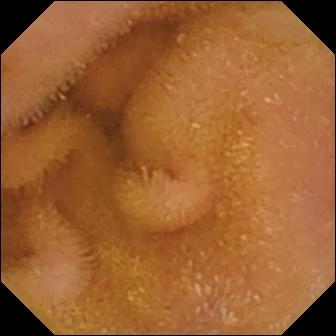This capsule endoscopy frame shows normal clean mucosa.